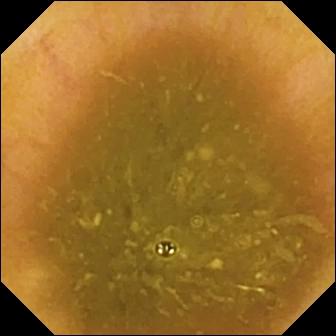WCE. Label: ileo-cecal valve region (the transition from the small bowel to the large bowel).